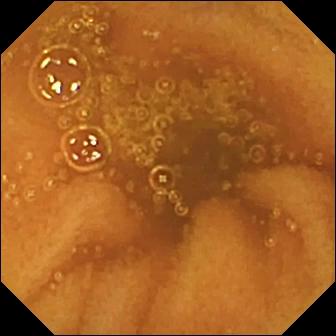{"modality": "capsule endoscopy", "category": "luminal finding", "finding": "normal clean mucosa"}